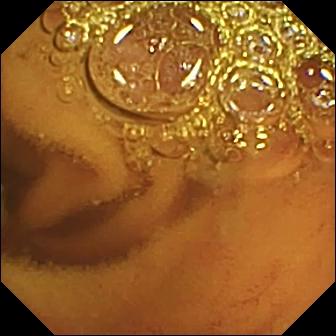- modality: wireless capsule endoscopy
- segment: small intestine
- label: normal clean mucosa